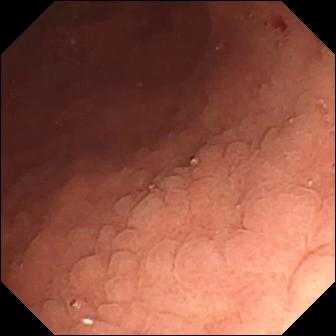Wireless capsule endoscopy — angiectasia.